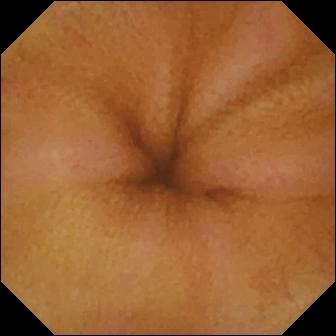This WCE frame shows erythema (mucosal redness).